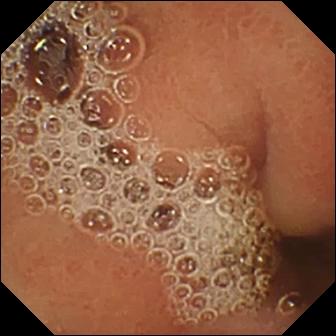PROCEDURE: Small-bowel capsule endoscopy.
FINDINGS: Normal clean mucosa.